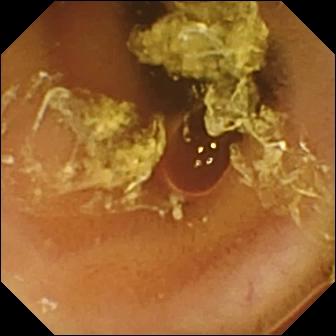{"modality": "small-bowel capsule endoscopy", "segment": "small intestine", "category": "luminal finding", "finding": "normal clean mucosa"}